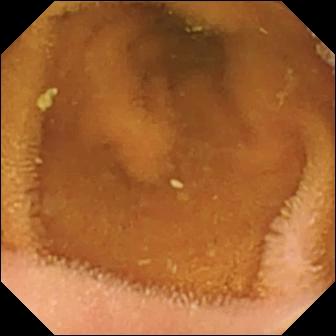Normal clean mucosa.